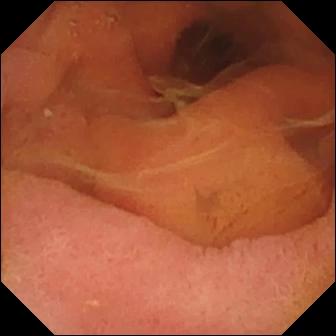Pylorus region (where the capsule passes from the stomach into the small bowel) — capsule endoscopy image.